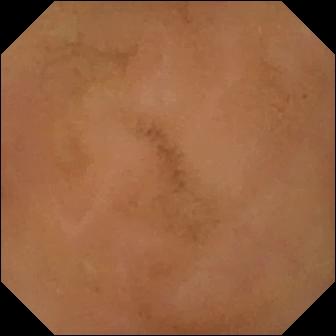WCE — normal clean mucosa.